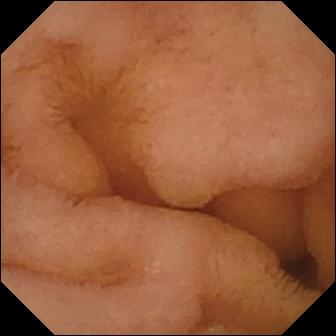PROCEDURE: Capsule endoscopy.
SEGMENT: Small bowel.
FINDINGS: Normal clean mucosa.